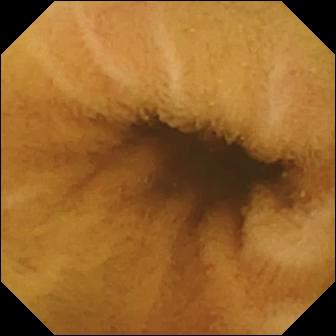Capsule endoscopy view, small intestine
Finding: normal clean mucosa